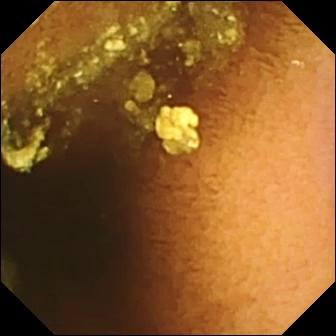Capsule endoscopy image, 336×336. Normal clean mucosa.